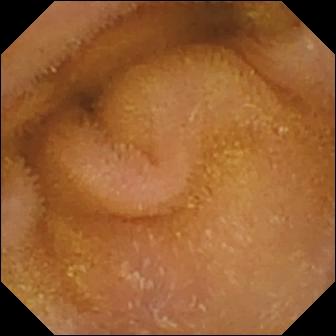Q: What does this wireless capsule endoscopy image of the small bowel show?
A: Normal clean mucosa.